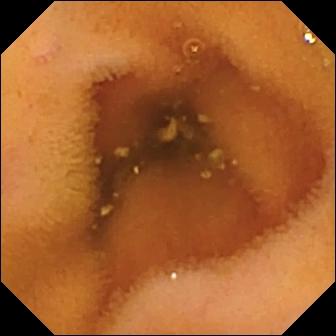VCE view, small intestine
Impression: normal clean mucosa